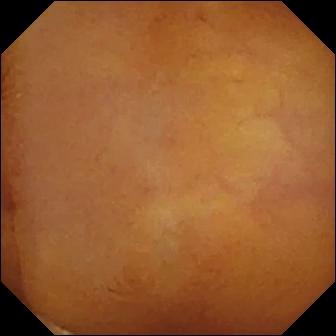Wireless capsule endoscopy — normal clean mucosa.